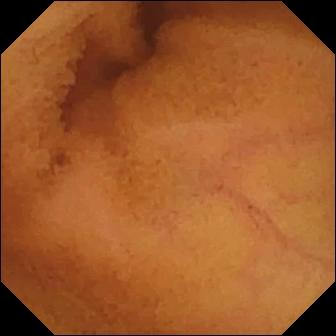VCE view, small bowel
Label: normal clean mucosa